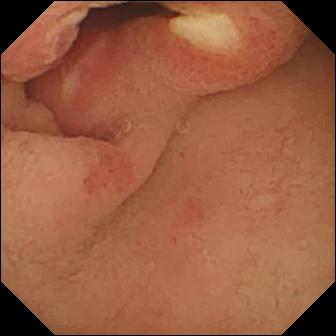Ulcer.